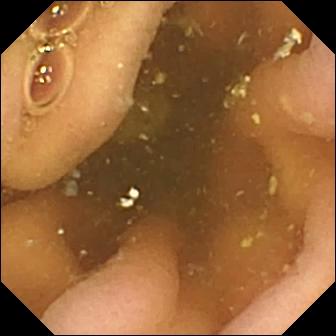modality: WCE; label: pylorus region (where the capsule passes from the stomach into the small bowel)